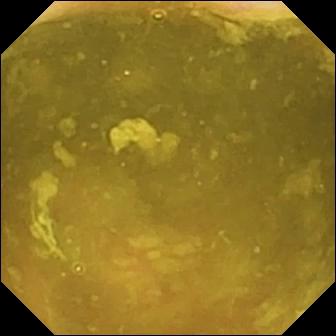Video capsule endoscopy still taken in the ileo-cecal valve region (the transition from the small bowel to the large bowel).